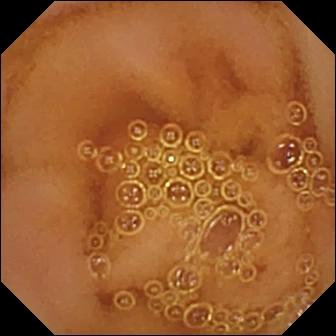Normal clean mucosa — video capsule endoscopy image.